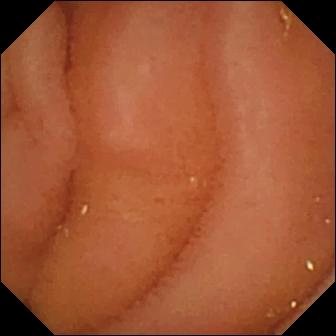Video capsule endoscopy — normal clean mucosa.